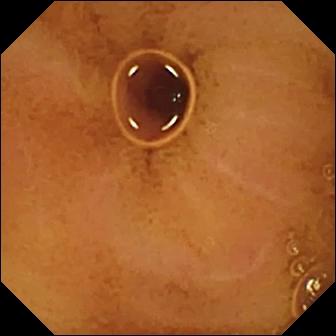Q: What does this wireless capsule endoscopy snapshot of the small intestine show?
A: Normal clean mucosa.